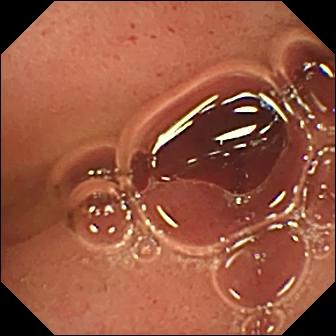Small-bowel capsule endoscopy — pylorus region (the junction between the stomach and the small bowel).